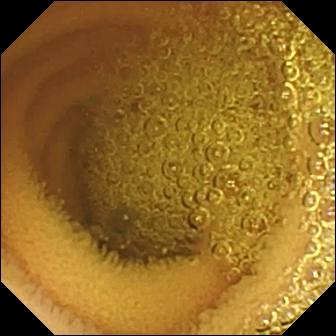Normal clean mucosa — small-bowel capsule endoscopy snapshot of the small bowel.